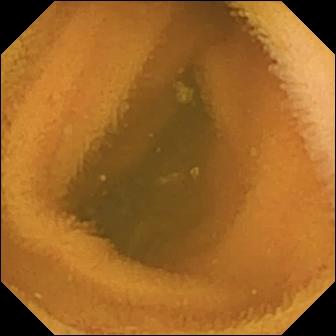- modality: wireless capsule endoscopy
- segment: small intestine
- observation: normal clean mucosa